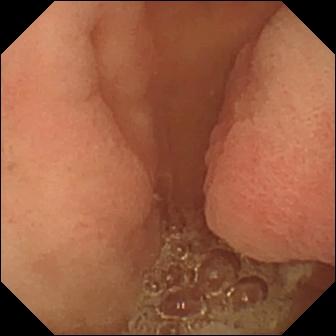WCE. Near an anatomical landmark. Location: pylorus region (where the capsule passes from the stomach into the small bowel).